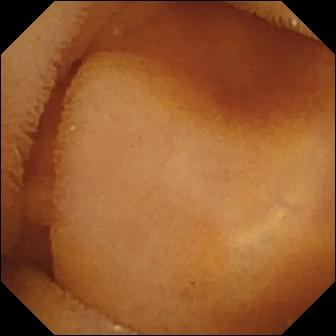- modality: wireless capsule endoscopy
- finding: normal clean mucosa